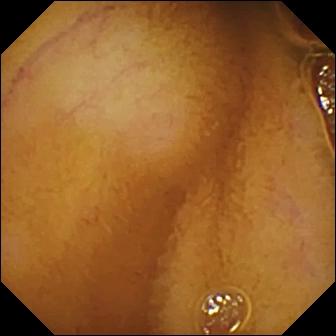Q: What does this capsule endoscopy view of the small intestine show?
A: Normal clean mucosa.